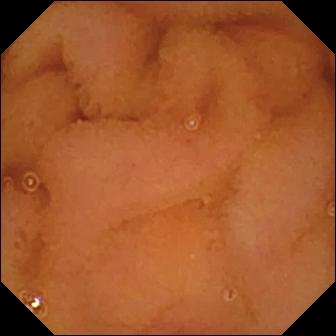Capsule endoscopy view (small bowel). Normal clean mucosa.